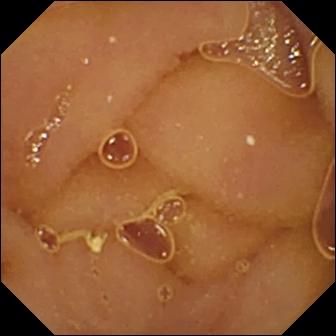Normal clean mucosa (336×336).